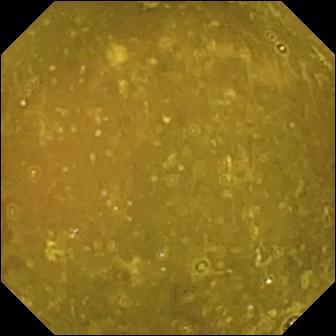Q: Where in the digestive tract was this WCE view taken?
A: Ileo-cecal valve region (the transition from the small bowel to the large bowel).